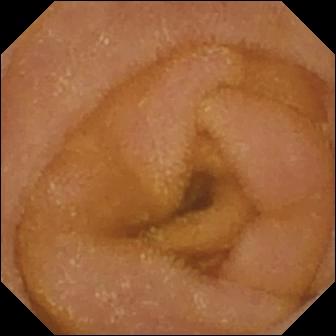Video capsule endoscopy still, small bowel
Impression: normal clean mucosa